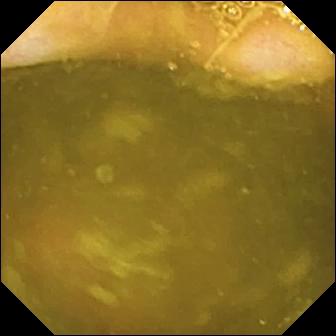- modality: video capsule endoscopy
- position: ileo-cecal valve region (where the capsule passes from the small bowel into the large bowel)